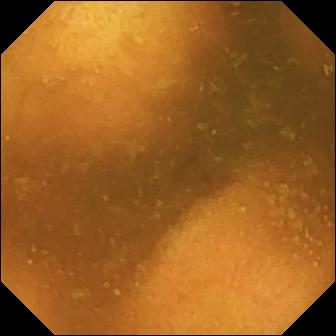Normal clean mucosa.